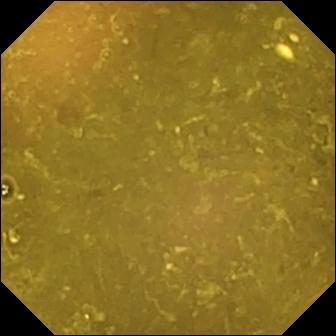- modality: capsule endoscopy
- finding: reduced mucosal view (content or bubbles obscuring the mucosa)